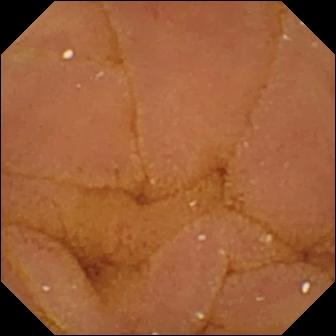Wireless capsule endoscopy — normal clean mucosa.